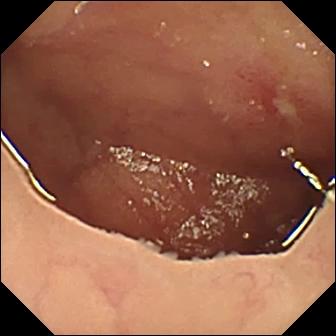Small-bowel capsule endoscopy — ulcer.